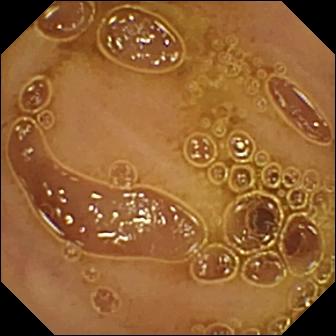Video capsule endoscopy view of the small intestine showing normal clean mucosa.